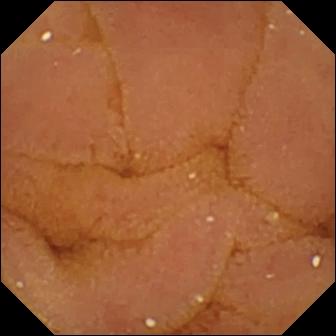Wireless capsule endoscopy. Small intestine. Luminal finding. Impression: normal clean mucosa.